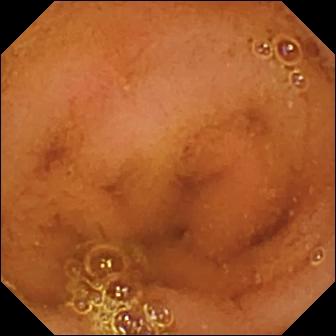Normal clean mucosa.